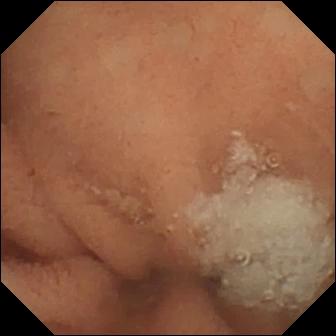PROCEDURE: WCE.
FINDINGS: Normal clean mucosa.